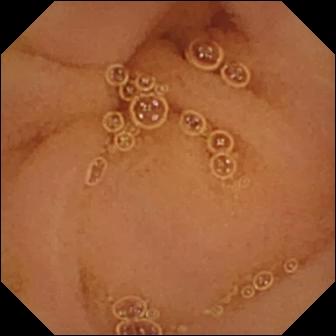WCE frame (small bowel). Normal clean mucosa.